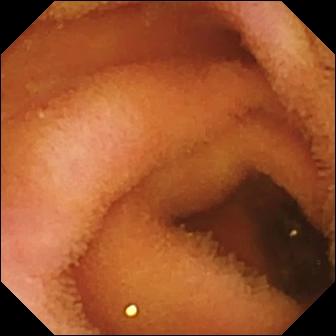Normal clean mucosa (336×336).